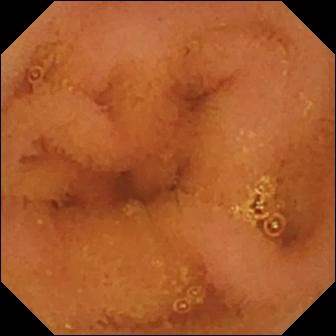Small-bowel capsule endoscopy. Label: normal clean mucosa.